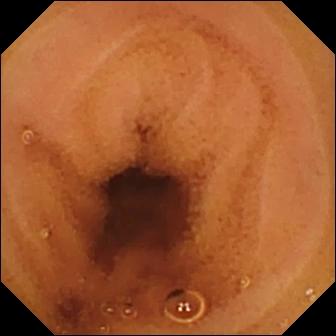- modality: WCE
- segment: small intestine
- category: luminal finding
- observation: normal clean mucosa